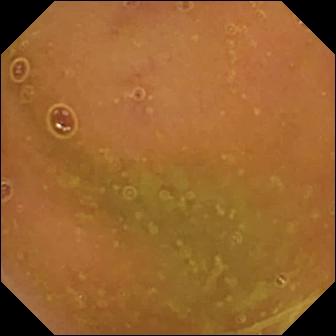Q: What does this video capsule endoscopy view of the small bowel show?
A: Normal clean mucosa.